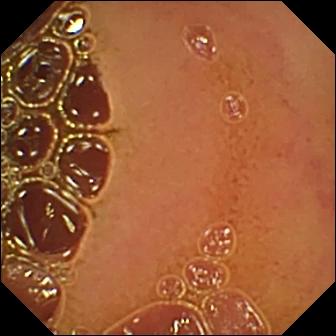VCE view. Normal clean mucosa.